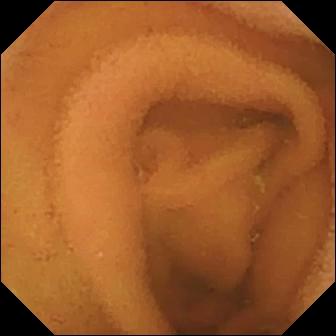WCE snapshot of the small intestine showing normal clean mucosa.